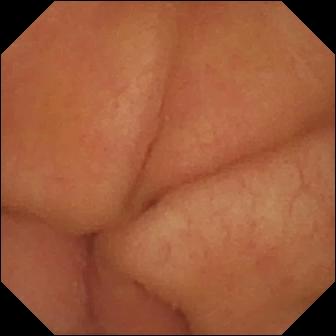This capsule endoscopy image was taken in the pylorus region.